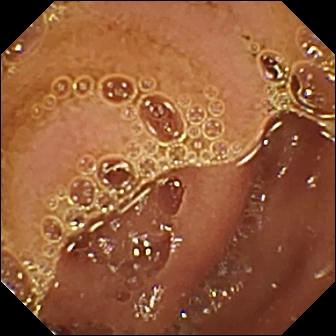VCE — normal clean mucosa.